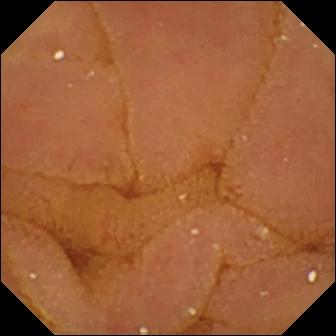Normal clean mucosa — wireless capsule endoscopy image.